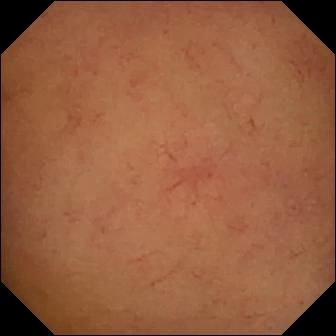This small-bowel capsule endoscopy view shows normal clean mucosa.